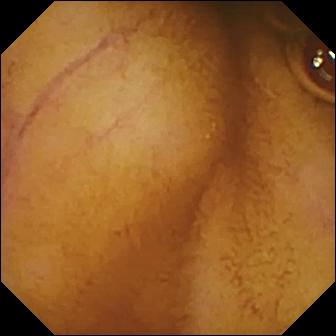{"modality": "WCE", "finding": "normal clean mucosa"}